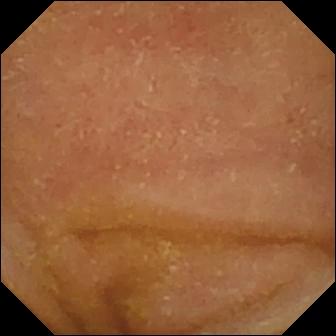PROCEDURE: VCE.
FINDINGS: Normal clean mucosa.